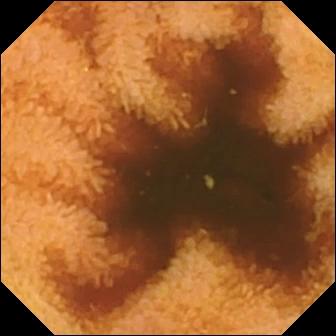WCE still. Normal clean mucosa.